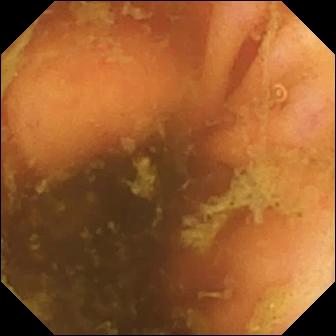Capsule endoscopy. Video segment: ileo-cecal valve region.